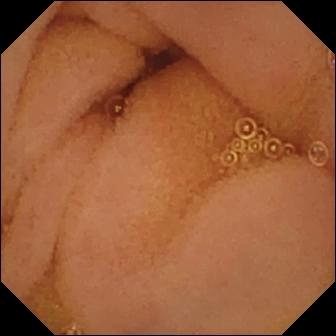VCE frame, small bowel
Label: normal clean mucosa